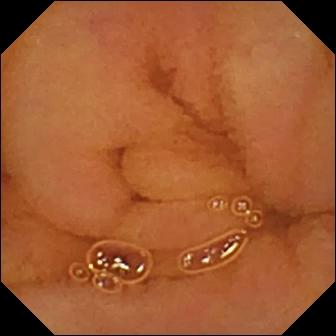Q: What does this VCE still of the small intestine show?
A: Normal clean mucosa.